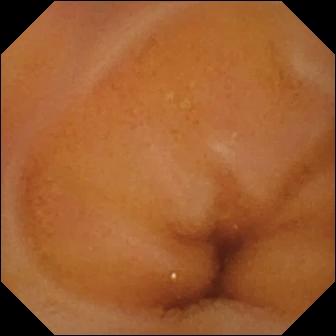Normal clean mucosa — capsule endoscopy frame of the small bowel.